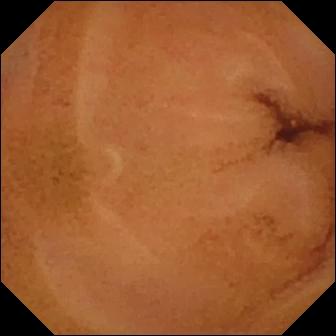PROCEDURE: Capsule endoscopy.
SEGMENT: Small bowel.
FINDINGS: Normal clean mucosa.